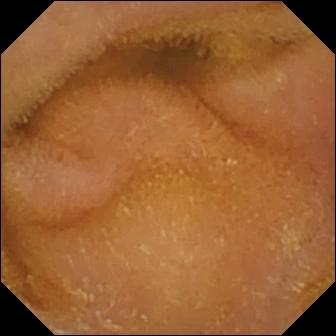VCE snapshot showing normal clean mucosa.